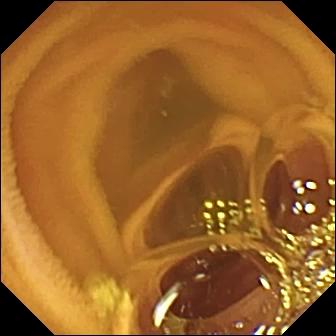modality: WCE; impression: normal clean mucosa